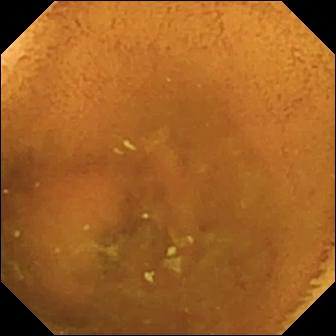Q: What does this video capsule endoscopy image of the small intestine show?
A: Normal clean mucosa.